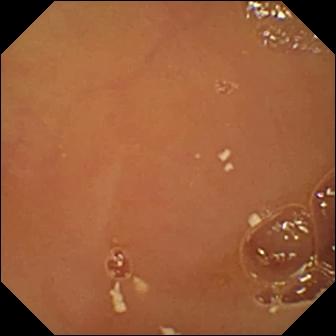Small-bowel capsule endoscopy image, small intestine
Label: normal clean mucosa